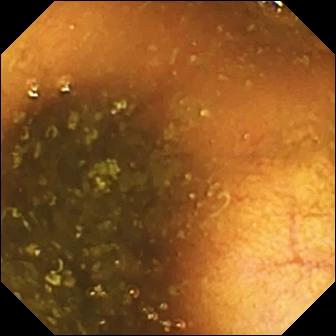modality: small-bowel capsule endoscopy | position: ileo-cecal valve region (the transition from the small bowel to the large bowel)